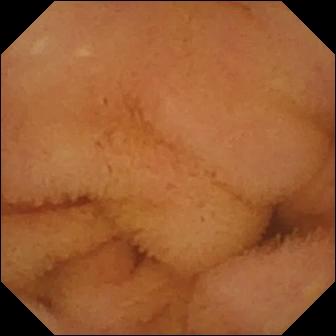Q: What does this capsule endoscopy image of the small bowel show?
A: Normal clean mucosa.